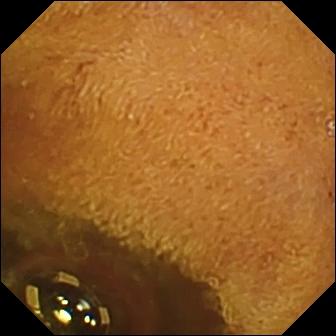This VCE view shows foreign body (e.g. retained capsule, tablet residue).